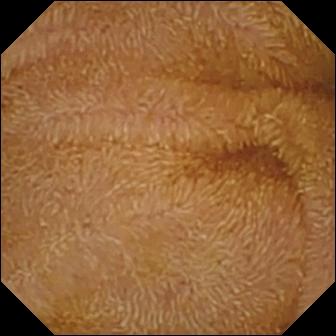- modality: VCE
- category: luminal finding
- impression: normal clean mucosa